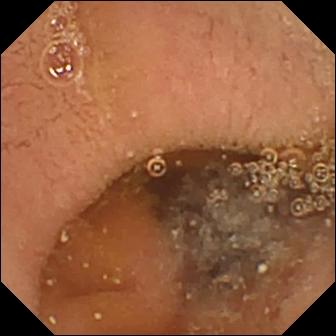WCE — pylorus region (the junction between the stomach and the small bowel).